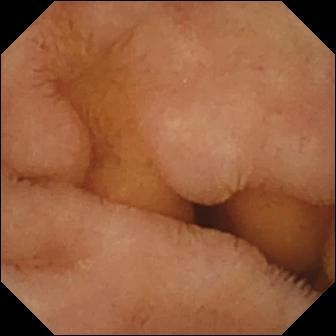Wireless capsule endoscopy — normal clean mucosa.